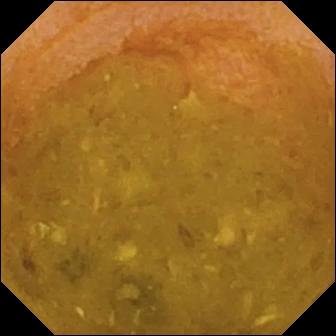Small-bowel capsule endoscopy snapshot showing reduced mucosal view (content or bubbles obscuring the mucosa).